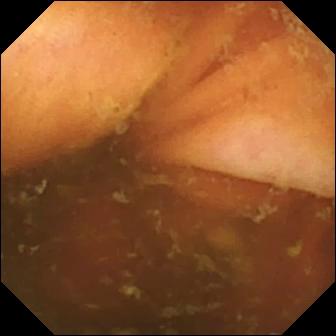PROCEDURE: WCE.
LABEL: Ileo-cecal valve region.